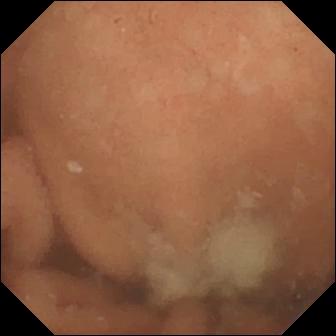- modality: small-bowel capsule endoscopy
- finding: normal clean mucosa